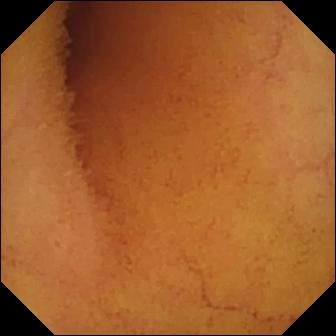WCE frame
Label: normal clean mucosa